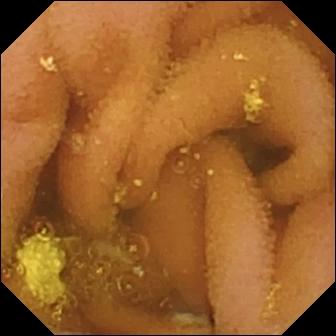modality: WCE; impression: lymphangiectasia